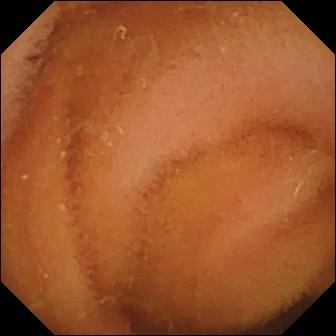PROCEDURE: Wireless capsule endoscopy.
FINDINGS: Normal clean mucosa.